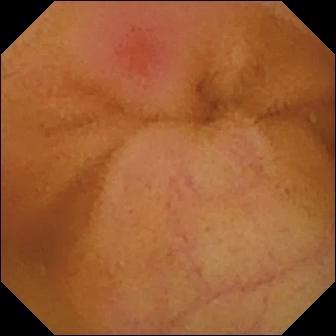- modality: capsule endoscopy
- category: luminal finding
- observation: erythema (mucosal redness)